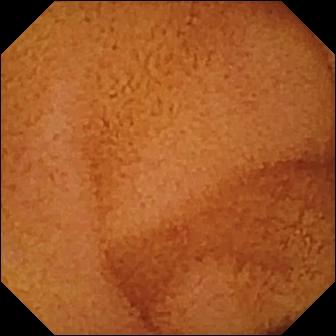WCE frame
Observation: normal clean mucosa